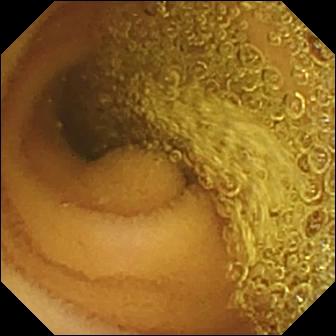modality: wireless capsule endoscopy
label: normal clean mucosa